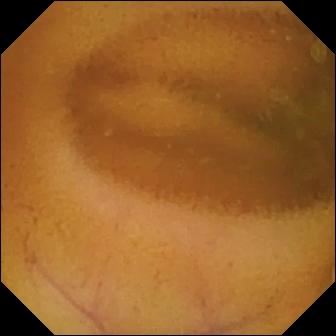modality: capsule endoscopy; impression: normal clean mucosa